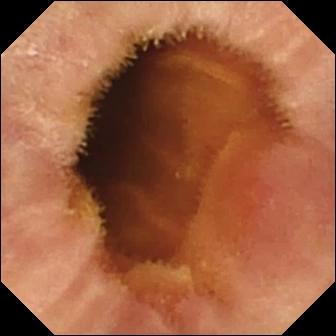Small-bowel capsule endoscopy. Finding: erosion.